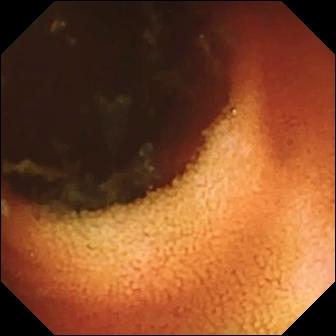This WCE snapshot was taken in the ileo-cecal valve region.